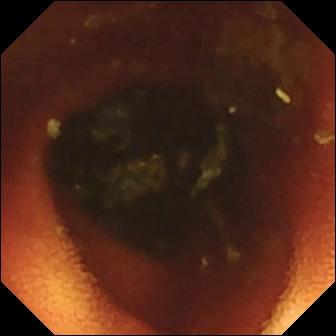WCE. Position: ileo-cecal valve region (the transition from the small bowel to the large bowel).